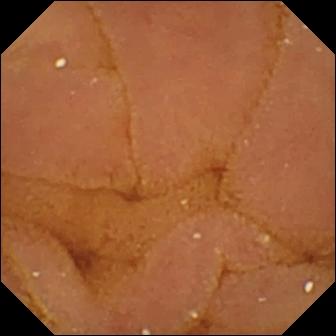Normal clean mucosa — VCE image.